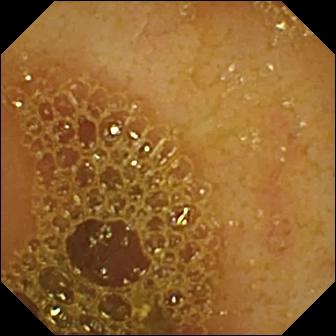- modality: small-bowel capsule endoscopy
- location: ileo-cecal valve region (where the capsule passes from the small bowel into the large bowel)